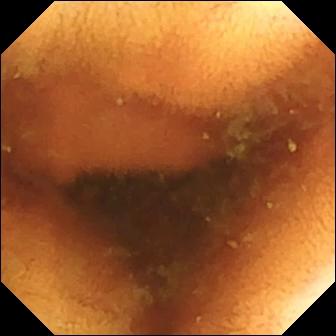PROCEDURE: WCE.
SEGMENT: Small intestine.
FINDINGS: Normal clean mucosa.